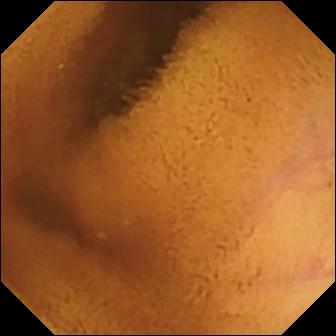{"modality": "VCE", "category": "luminal finding", "finding": "normal clean mucosa"}